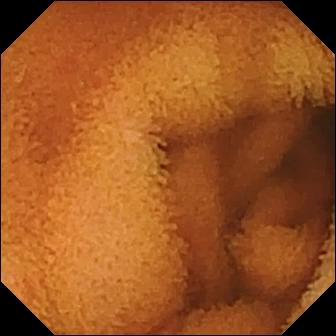{"modality": "VCE", "segment": "small intestine", "category": "luminal finding", "finding": "normal clean mucosa"}